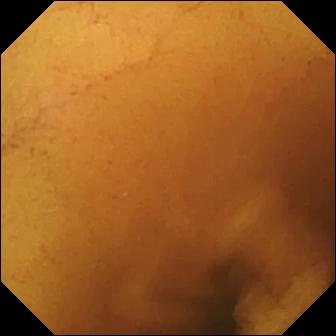{"modality": "WCE", "segment": "small intestine", "category": "luminal finding", "finding": "normal clean mucosa"}